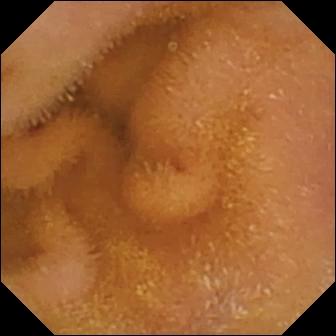This WCE view shows normal clean mucosa.